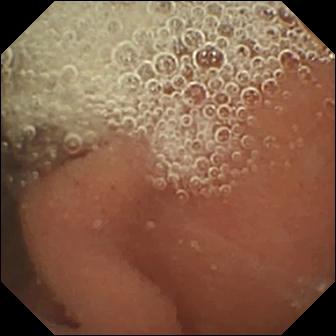PROCEDURE: VCE.
FINDINGS: Normal clean mucosa.